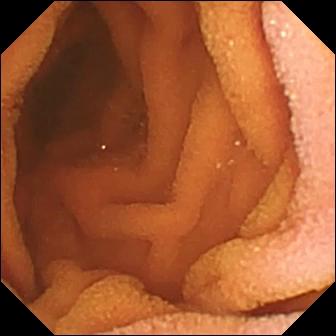WCE still, small intestine
Observation: normal clean mucosa